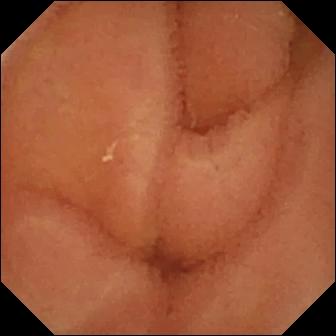Q: What does this VCE snapshot of the small intestine show?
A: Normal clean mucosa.